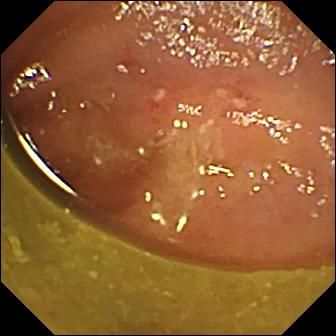modality: VCE
label: ulcer